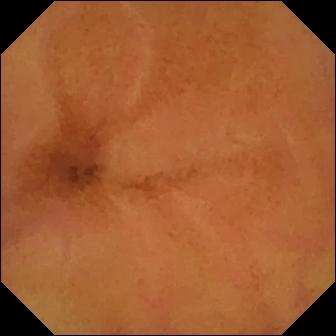Wireless capsule endoscopy still
Label: normal clean mucosa